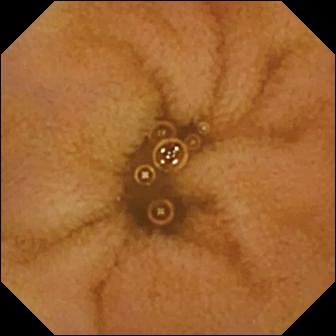Video capsule endoscopy. Luminal finding. Observation: normal clean mucosa.